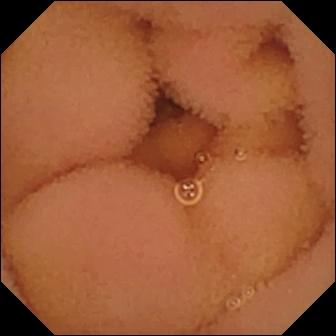VCE image (small intestine). Normal clean mucosa.